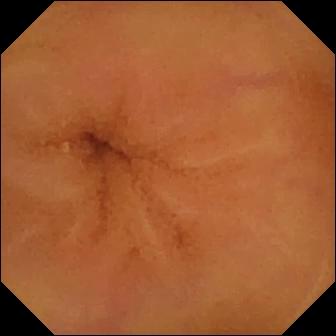This WCE snapshot shows normal clean mucosa.